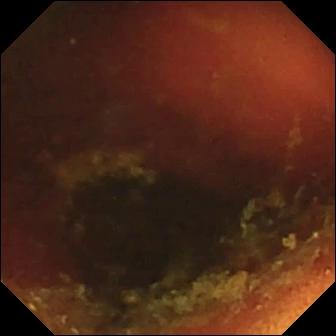PROCEDURE: WCE.
POSITION: Ileo-cecal valve region (where the capsule passes from the small bowel into the large bowel).